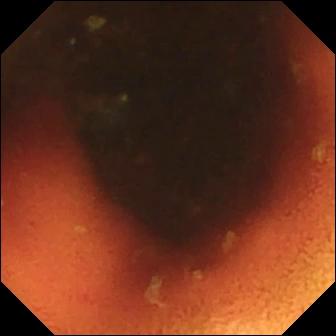Small-bowel capsule endoscopy — ileo-cecal valve region (the transition from the small bowel to the large bowel).